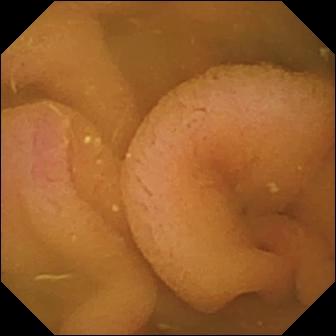Wireless capsule endoscopy view
Label: normal clean mucosa